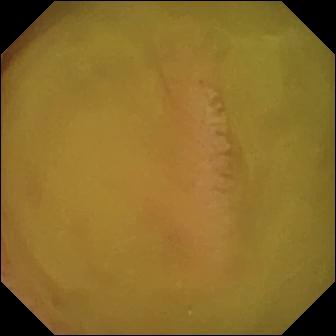- modality: capsule endoscopy
- segment: small bowel
- category: luminal finding
- observation: normal clean mucosa